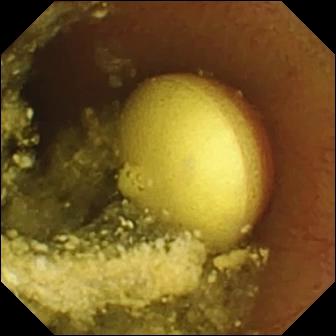WCE view showing foreign body (e.g. retained capsule, tablet residue).